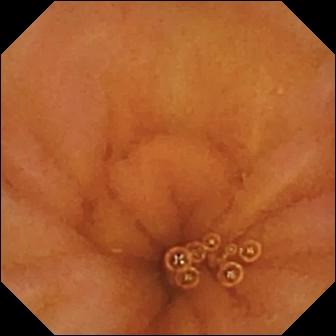Video capsule endoscopy snapshot
Finding: normal clean mucosa